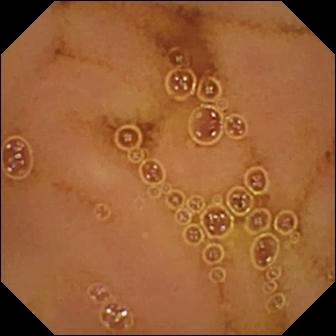PROCEDURE: Capsule endoscopy.
FINDINGS: Normal clean mucosa.